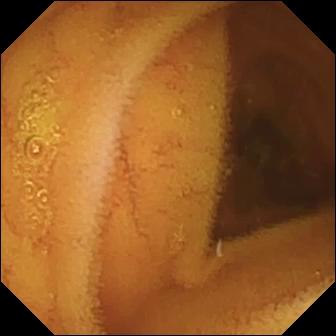Video capsule endoscopy frame. Normal clean mucosa.